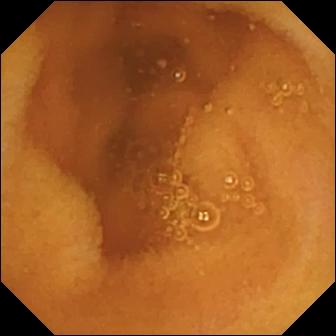Video capsule endoscopy. Small intestine. Finding: normal clean mucosa.